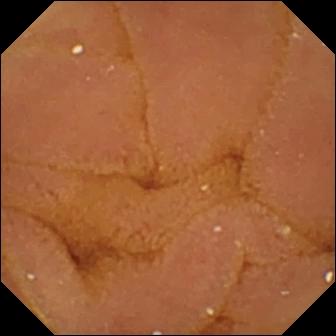This small-bowel capsule endoscopy snapshot of the small intestine shows normal clean mucosa.